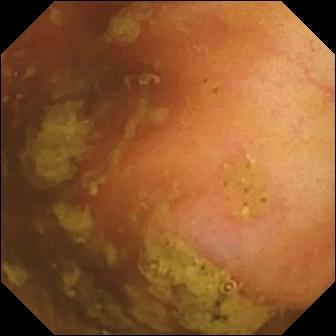PROCEDURE: WCE.
VIDEO SEGMENT: Ileo-cecal valve region (the transition from the small bowel to the large bowel).